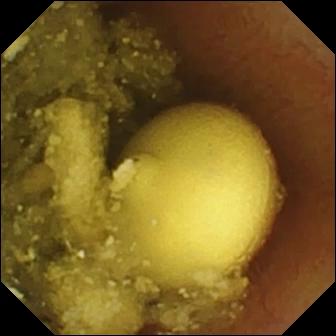PROCEDURE: VCE.
FINDINGS: Foreign body (e.g. retained capsule, tablet residue).